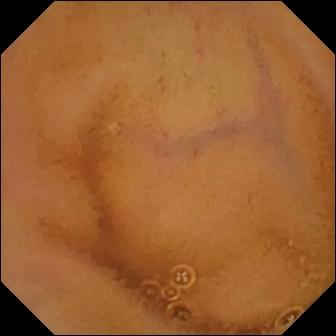Normal clean mucosa — capsule endoscopy image.